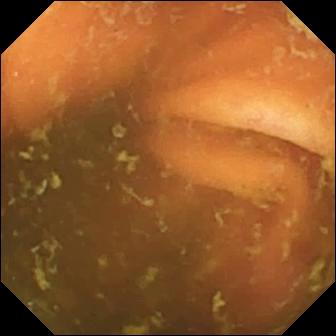PROCEDURE: VCE.
LOCATION: Ileo-cecal valve region (where the capsule passes from the small bowel into the large bowel).